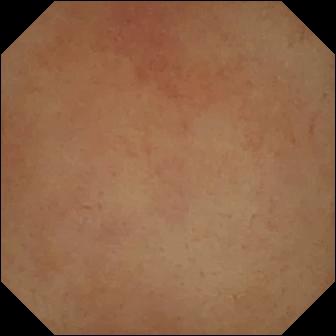modality: small-bowel capsule endoscopy; category: anatomical landmark; video segment: pylorus region (where the capsule passes from the stomach into the small bowel)